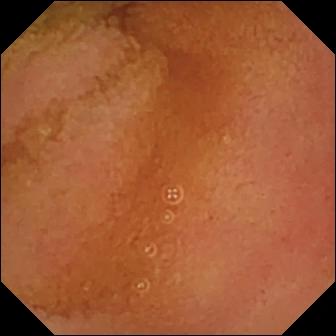Wireless capsule endoscopy snapshot
Label: normal clean mucosa